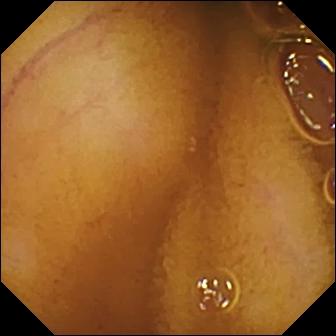WCE view. Normal clean mucosa.